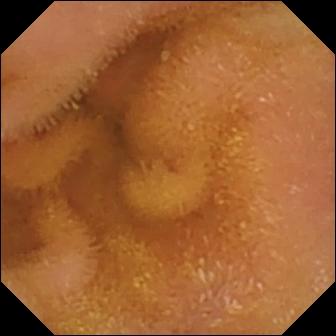Wireless capsule endoscopy. Label: normal clean mucosa.